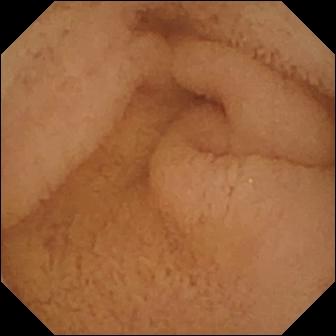modality: video capsule endoscopy
category: anatomical landmark
video segment: pylorus region (where the capsule passes from the stomach into the small bowel)